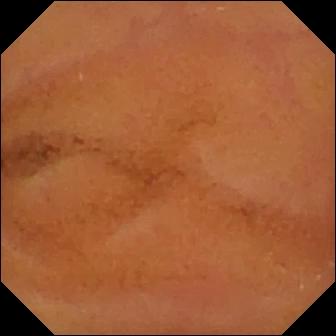WCE snapshot. Normal clean mucosa.